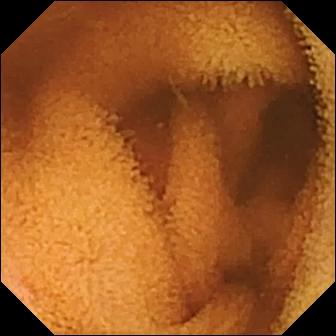- modality: VCE
- label: normal clean mucosa